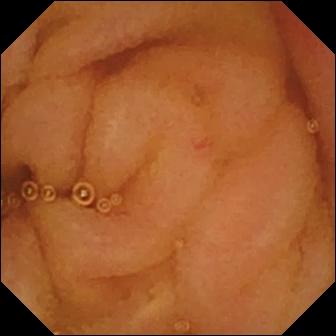Small-bowel capsule endoscopy image, small bowel
Label: normal clean mucosa